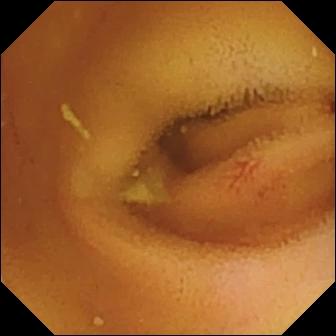WCE image showing angiectasia.